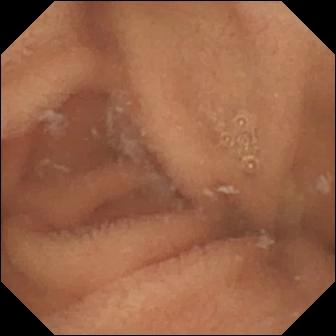modality: capsule endoscopy; segment: small intestine; finding: normal clean mucosa